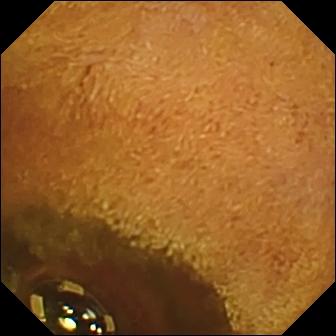Wireless capsule endoscopy. Observation: foreign body (e.g. retained capsule, tablet residue).